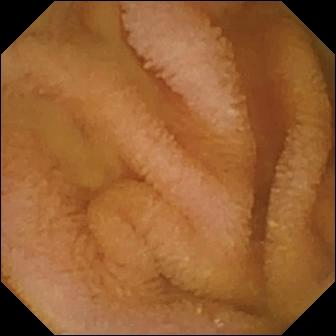{"modality": "small-bowel capsule endoscopy", "segment": "small bowel", "finding": "normal clean mucosa"}